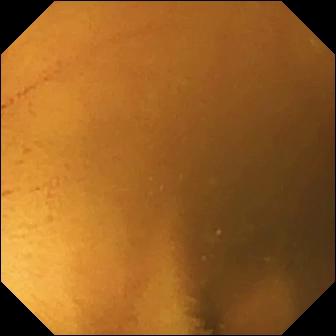Capsule endoscopy. Impression: normal clean mucosa.